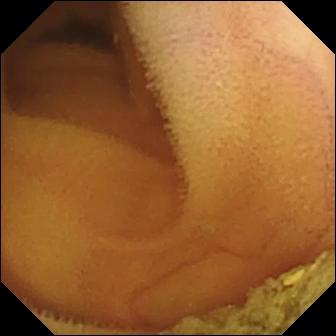Normal clean mucosa — wireless capsule endoscopy still.